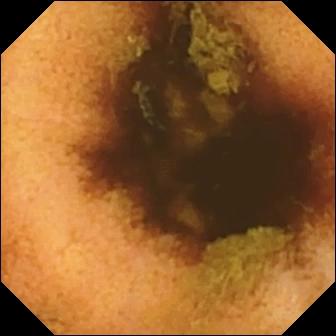Q: What does this capsule endoscopy view show?
A: Normal clean mucosa.